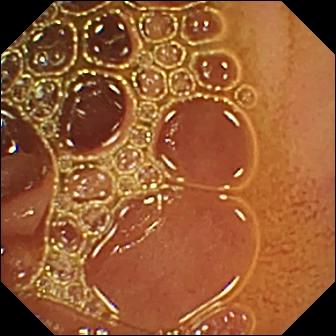Video capsule endoscopy. Luminal finding. Finding: normal clean mucosa.